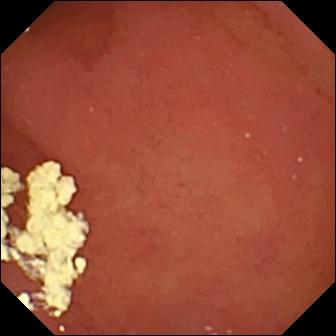Video capsule endoscopy frame. Taken in the pylorus region (the junction between the stomach and the small bowel).